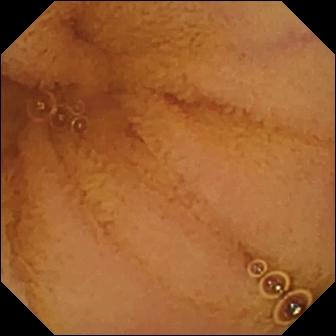Small-bowel capsule endoscopy frame (small intestine). Normal clean mucosa.